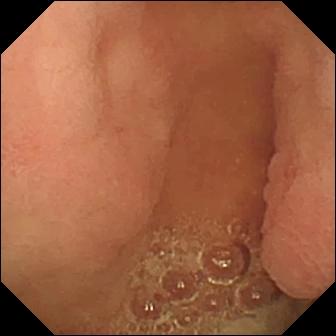PROCEDURE: Small-bowel capsule endoscopy.
LOCATION: Pylorus region.